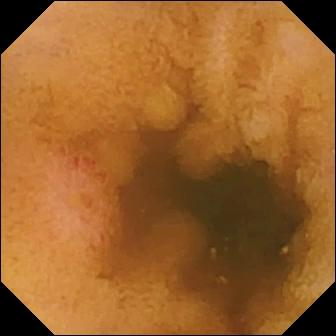{"modality": "capsule endoscopy", "finding": "erosion"}